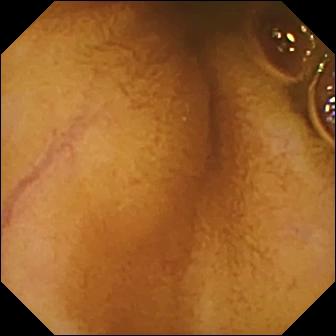Q: What does this small-bowel capsule endoscopy frame of the small bowel show?
A: Normal clean mucosa.